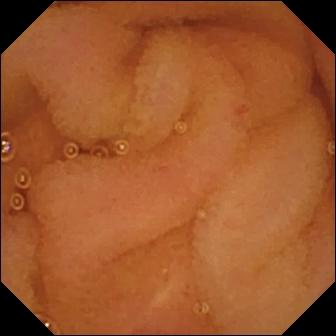WCE still
Label: normal clean mucosa